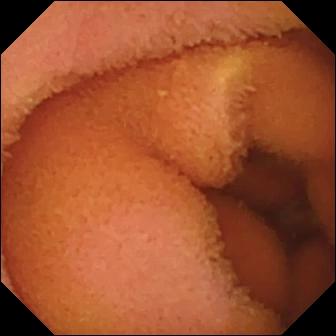Normal clean mucosa — wireless capsule endoscopy still of the small bowel.